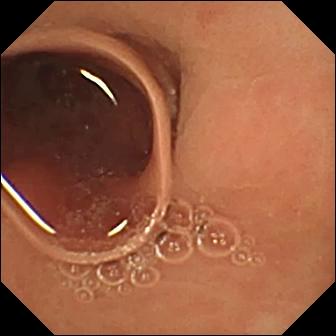PROCEDURE: Wireless capsule endoscopy.
FINDINGS: Normal clean mucosa.